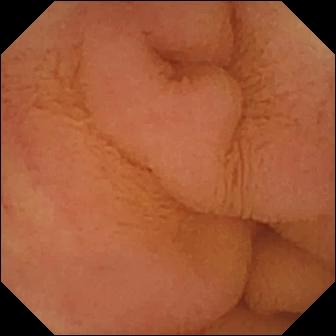{"modality": "VCE", "finding": "normal clean mucosa"}